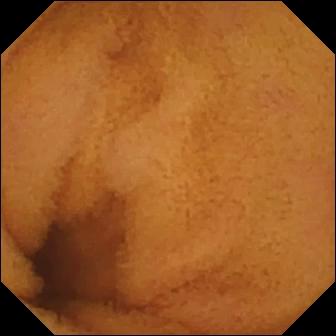- modality: small-bowel capsule endoscopy
- label: normal clean mucosa